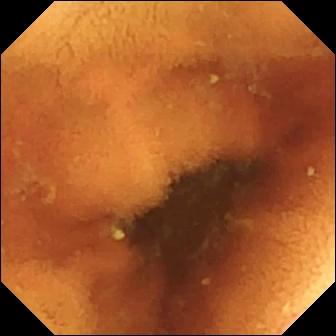Normal clean mucosa — wireless capsule endoscopy still.